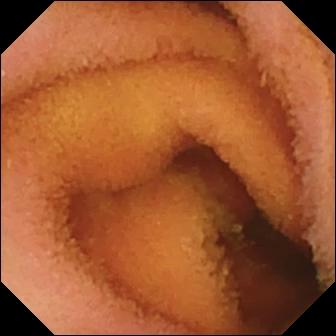This small-bowel capsule endoscopy frame of the small bowel shows normal clean mucosa.